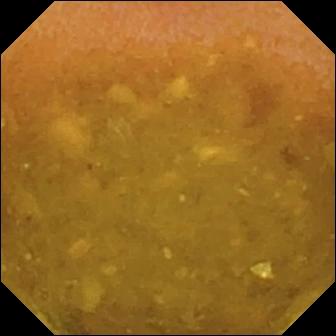Wireless capsule endoscopy still. Reduced mucosal view (content or bubbles obscuring the mucosa).